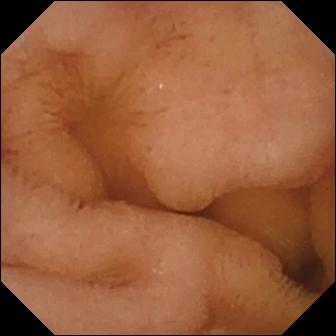VCE. Small intestine. Label: normal clean mucosa.